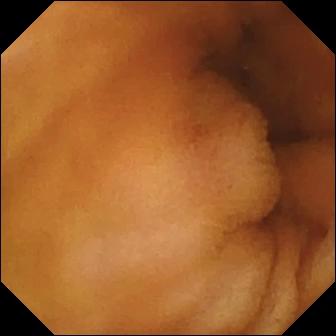- modality: capsule endoscopy
- observation: normal clean mucosa